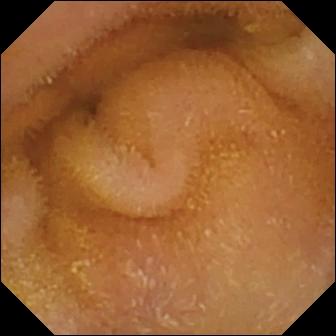PROCEDURE: Small-bowel capsule endoscopy.
FINDINGS: Normal clean mucosa.